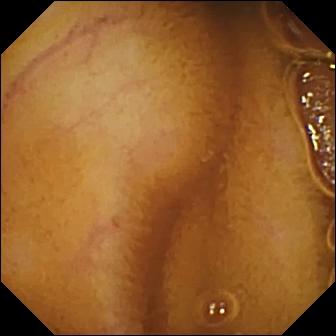- modality: wireless capsule endoscopy
- segment: small bowel
- observation: normal clean mucosa